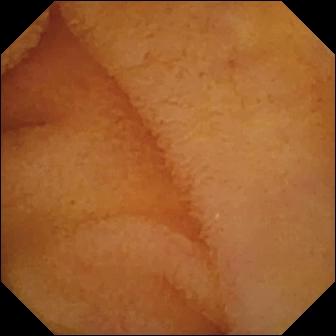Normal clean mucosa — capsule endoscopy image.